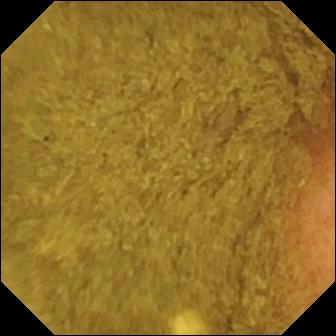Small-bowel capsule endoscopy view. Taken in the ileo-cecal valve region (where the capsule passes from the small bowel into the large bowel).